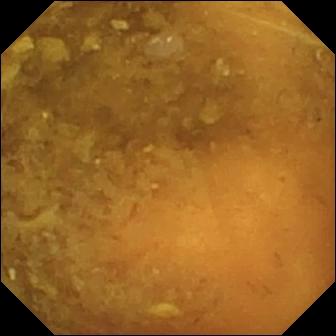modality: WCE; segment: small intestine; observation: reduced mucosal view (content or bubbles obscuring the mucosa)